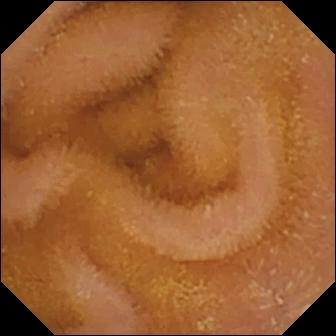Normal clean mucosa (336×336).